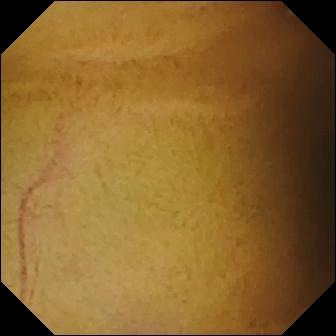Small-bowel capsule endoscopy. Luminal finding. Observation: normal clean mucosa.